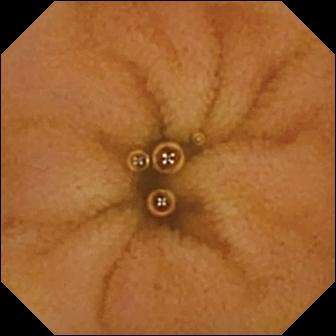- modality: small-bowel capsule endoscopy
- segment: small bowel
- category: luminal finding
- finding: normal clean mucosa